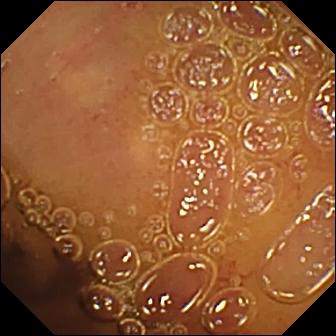WCE frame, small bowel
Finding: normal clean mucosa